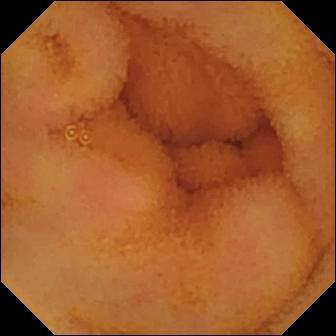Capsule endoscopy. Finding: normal clean mucosa.